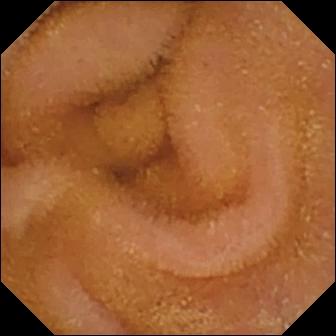Wireless capsule endoscopy — normal clean mucosa.